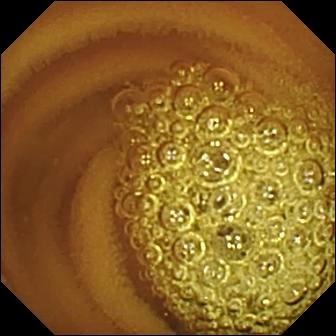WCE — normal clean mucosa.